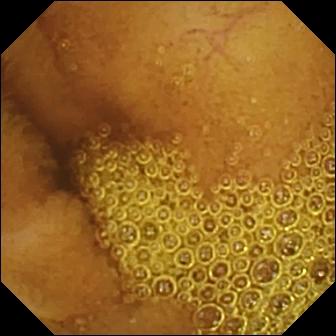Wireless capsule endoscopy. Finding: normal clean mucosa.